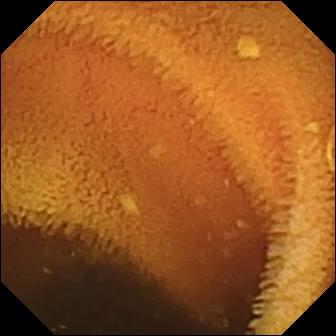PROCEDURE: Video capsule endoscopy.
SEGMENT: Small intestine.
FINDINGS: Normal clean mucosa.